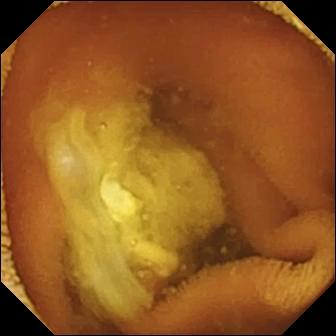Wireless capsule endoscopy — normal clean mucosa.